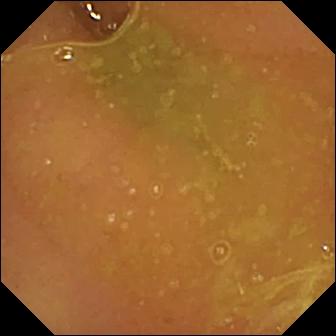Normal clean mucosa.